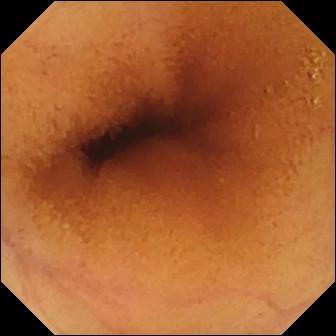Video capsule endoscopy view, small intestine
Impression: normal clean mucosa